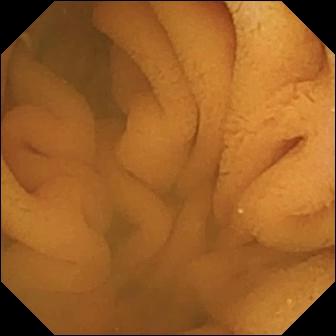WCE — normal clean mucosa.